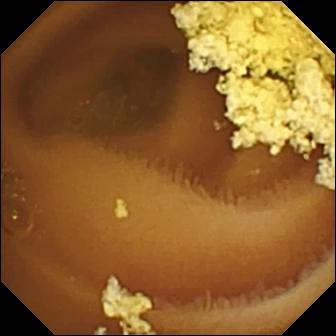- modality: capsule endoscopy
- segment: small bowel
- label: normal clean mucosa